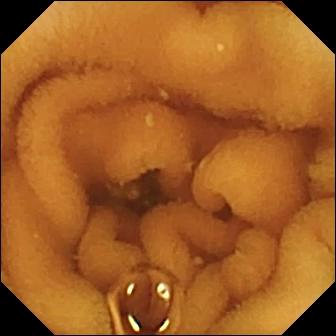Wireless capsule endoscopy still. Normal clean mucosa.